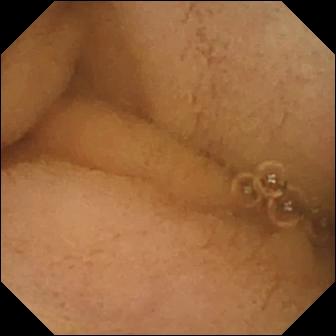modality: video capsule endoscopy; location: pylorus region (the junction between the stomach and the small bowel)